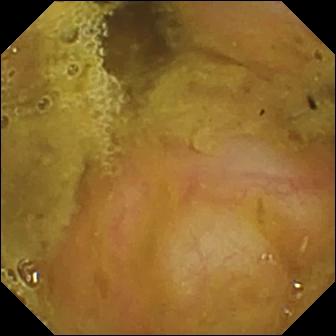VCE. Video segment: ileo-cecal valve region (the transition from the small bowel to the large bowel).